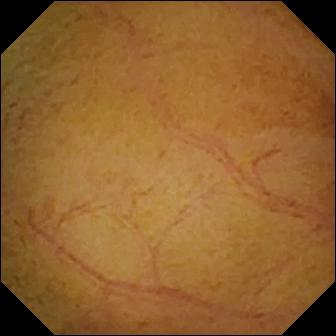Normal clean mucosa.